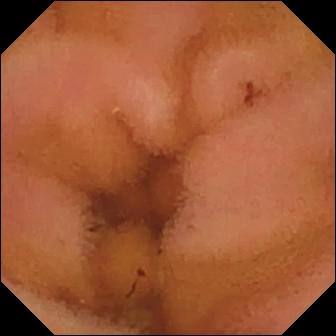modality: wireless capsule endoscopy
segment: small intestine
category: luminal finding
finding: normal clean mucosa